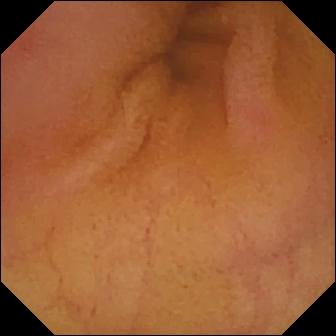Wireless capsule endoscopy frame, 336×336. Erythema (mucosal redness).